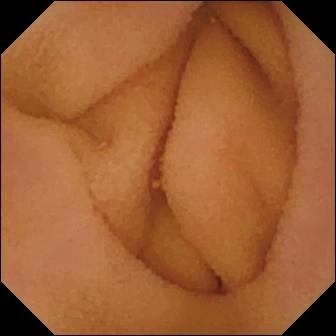PROCEDURE: Video capsule endoscopy.
SEGMENT: Small bowel.
FINDINGS: Normal clean mucosa.